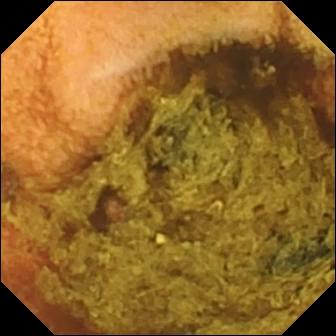VCE. Small bowel. Impression: normal clean mucosa.